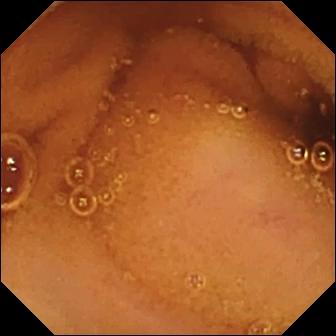This video capsule endoscopy image shows normal clean mucosa.